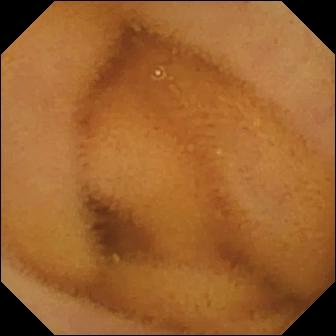PROCEDURE: Wireless capsule endoscopy.
SEGMENT: Small intestine.
FINDINGS: Normal clean mucosa.